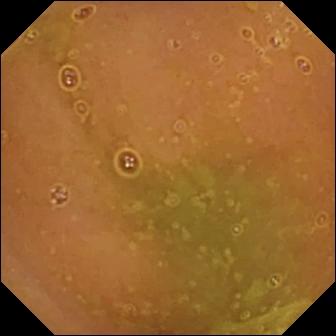This WCE image of the small bowel shows normal clean mucosa.